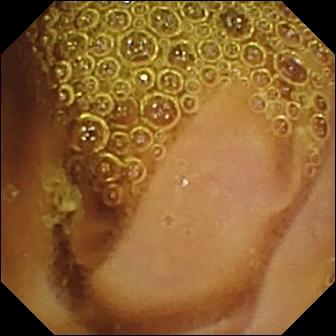modality: wireless capsule endoscopy
segment: small bowel
category: luminal finding
finding: normal clean mucosa